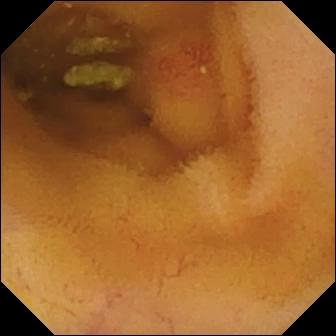Wireless capsule endoscopy. Observation: angiectasia.